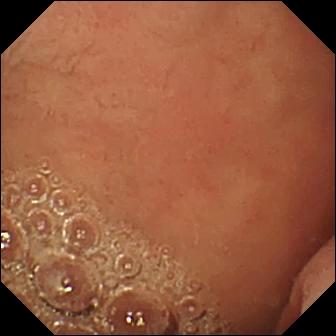Video capsule endoscopy snapshot
Position: pylorus region